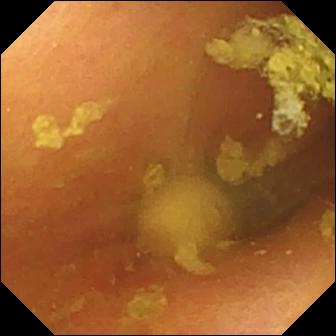PROCEDURE: VCE.
FINDINGS: Foreign body (e.g. retained capsule, tablet residue).